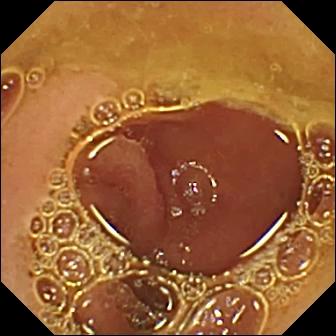VCE. Small intestine. Luminal finding. Finding: normal clean mucosa.